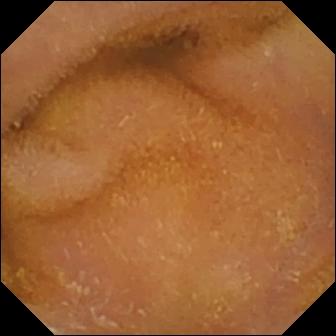VCE view of the small bowel showing normal clean mucosa.